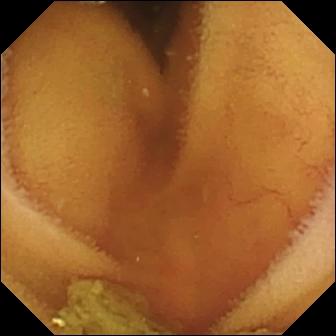PROCEDURE: Wireless capsule endoscopy.
SEGMENT: Small bowel.
FINDINGS: Normal clean mucosa.